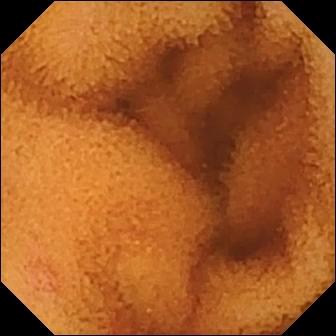Q: What does this WCE snapshot show?
A: Normal clean mucosa.